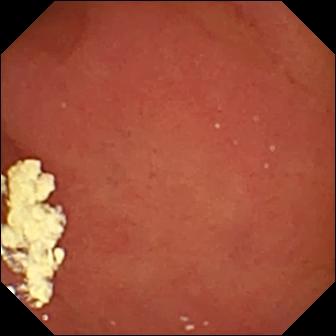{"modality": "wireless capsule endoscopy", "position": "pylorus region (where the capsule passes from the stomach into the small bowel)"}